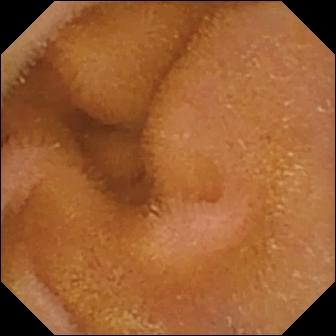- modality: small-bowel capsule endoscopy
- category: luminal finding
- label: normal clean mucosa